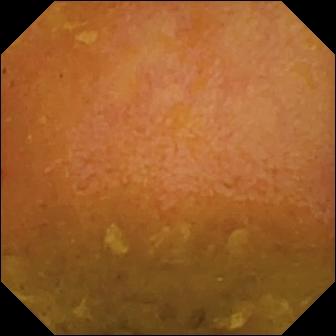Reduced mucosal view (content or bubbles obscuring the mucosa) — small-bowel capsule endoscopy frame.